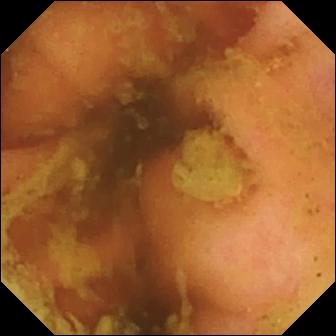modality: capsule endoscopy | category: anatomical landmark | position: ileo-cecal valve region (where the capsule passes from the small bowel into the large bowel)